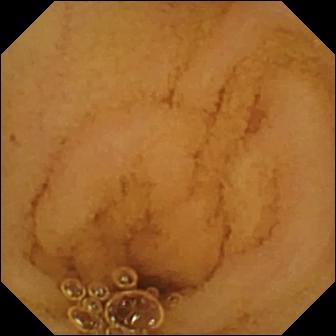Normal clean mucosa (336×336).